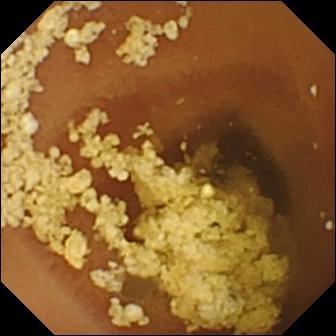modality: video capsule endoscopy
impression: normal clean mucosa